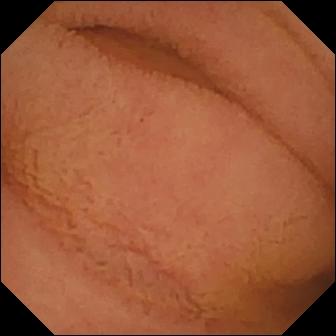Wireless capsule endoscopy frame. Normal clean mucosa.